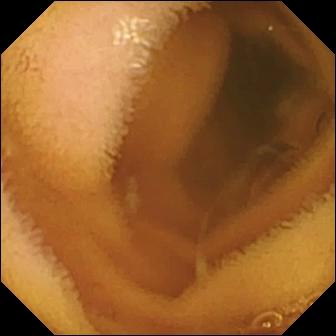WCE snapshot
Observation: normal clean mucosa